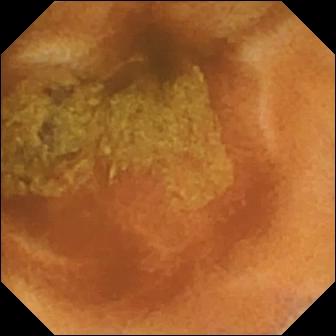Small-bowel capsule endoscopy view (small intestine). Normal clean mucosa.